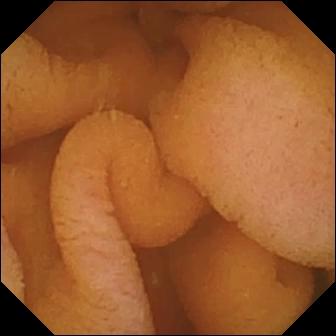modality: video capsule endoscopy
segment: small intestine
impression: normal clean mucosa